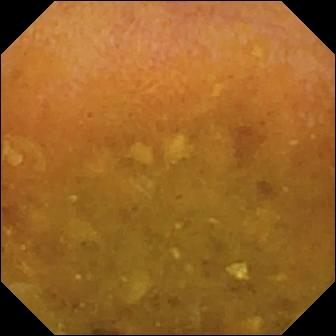{"modality": "wireless capsule endoscopy", "segment": "small bowel", "finding": "reduced mucosal view (content or bubbles obscuring the mucosa)"}